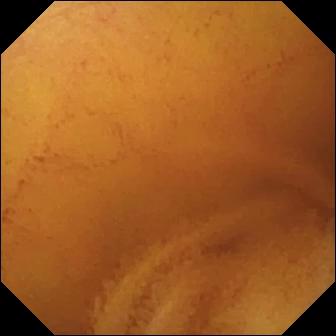- modality: capsule endoscopy
- segment: small bowel
- finding: normal clean mucosa